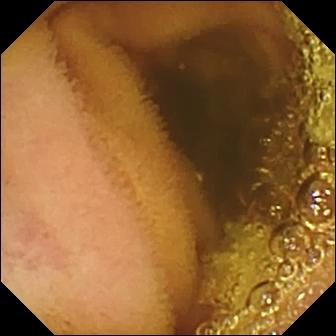This video capsule endoscopy frame of the small bowel shows normal clean mucosa.